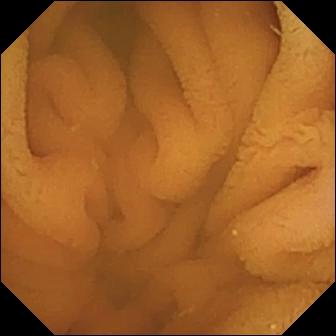Video capsule endoscopy image showing normal clean mucosa.